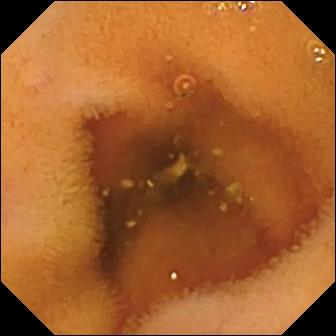Capsule endoscopy still
Impression: normal clean mucosa